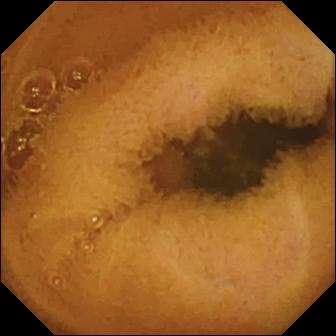Q: What does this WCE still of the small intestine show?
A: Normal clean mucosa.